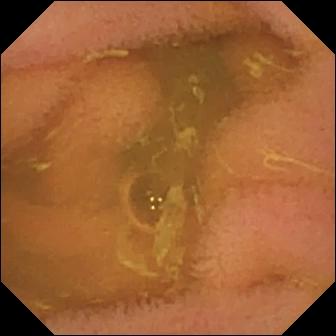Wireless capsule endoscopy — normal clean mucosa.